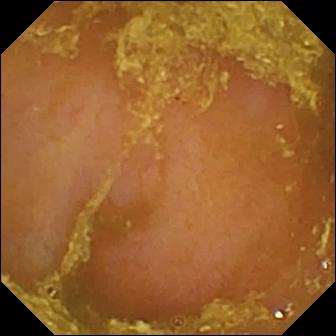Video capsule endoscopy. Label: reduced mucosal view (content or bubbles obscuring the mucosa).